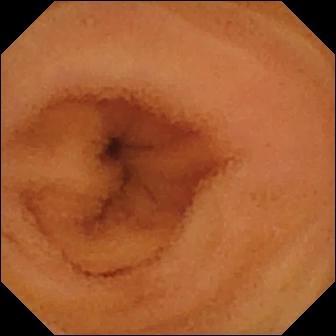This VCE still shows normal clean mucosa.